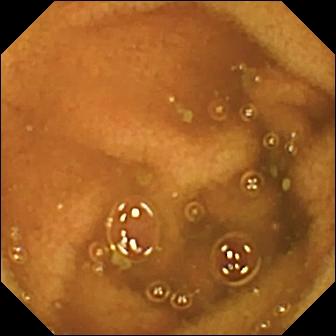{"modality": "capsule endoscopy", "finding": "normal clean mucosa"}